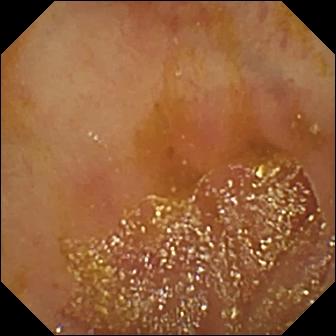Small-bowel capsule endoscopy view taken in the ileo-cecal valve region.